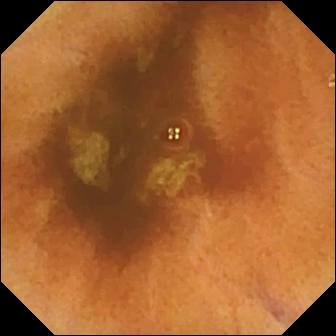{"modality": "video capsule endoscopy", "segment": "small bowel", "category": "luminal finding", "finding": "normal clean mucosa"}